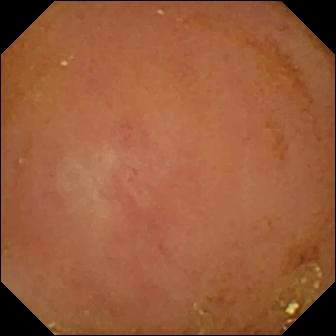Normal clean mucosa — VCE snapshot.